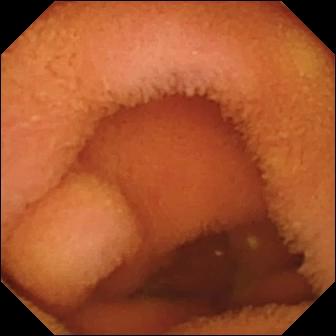{"modality": "video capsule endoscopy", "finding": "normal clean mucosa"}